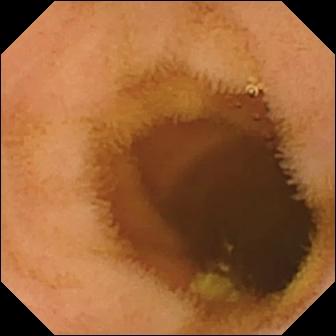Video capsule endoscopy — normal clean mucosa.